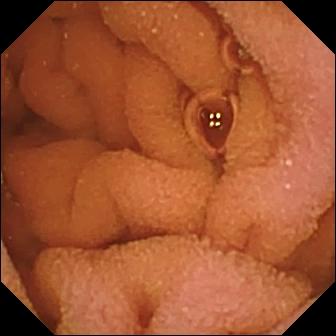Video capsule endoscopy frame. Normal clean mucosa.